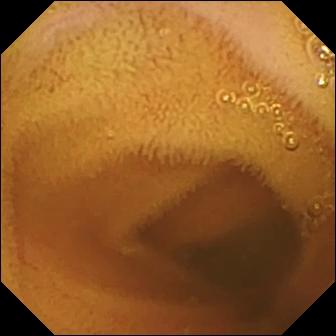{"modality": "capsule endoscopy", "finding": "normal clean mucosa"}